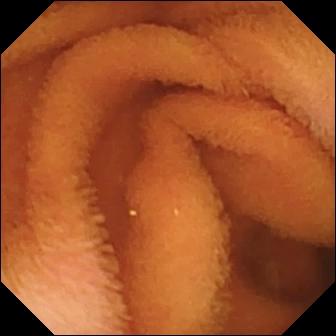Normal clean mucosa.